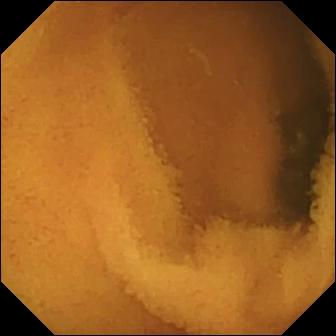VCE still, small intestine
Impression: normal clean mucosa